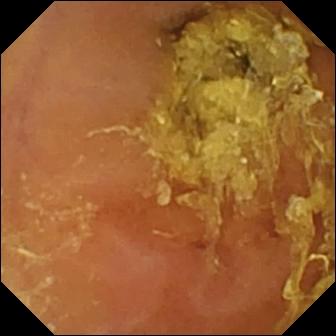VCE. Small intestine. Luminal finding. Finding: normal clean mucosa.